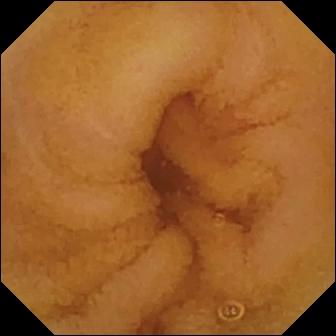Q: What does this video capsule endoscopy still of the small intestine show?
A: Normal clean mucosa.